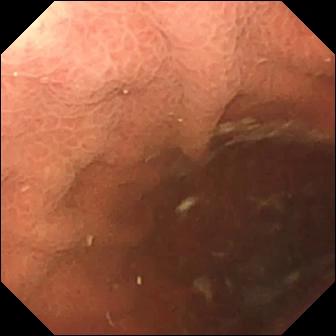modality: capsule endoscopy; label: pylorus region (the junction between the stomach and the small bowel)